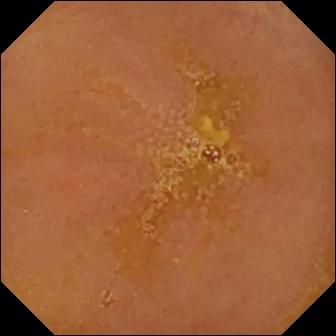This VCE view shows reduced mucosal view (content or bubbles obscuring the mucosa).